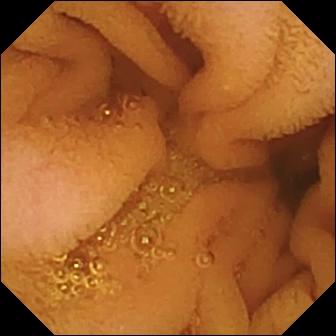WCE. Small intestine. Label: normal clean mucosa.